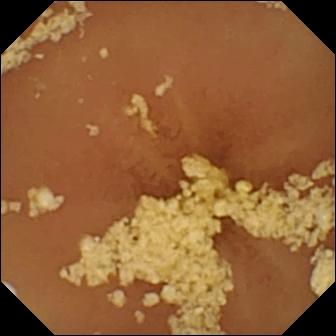Video capsule endoscopy image showing normal clean mucosa.